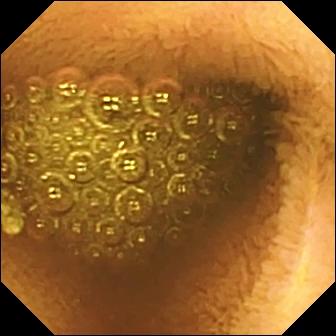Q: What does this video capsule endoscopy image of the small bowel show?
A: Reduced mucosal view (content or bubbles obscuring the mucosa).